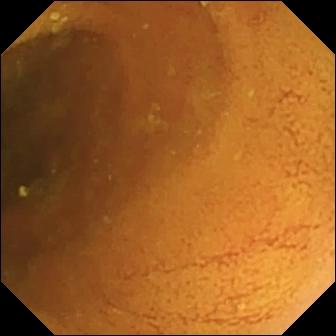{"modality": "video capsule endoscopy", "finding": "normal clean mucosa"}